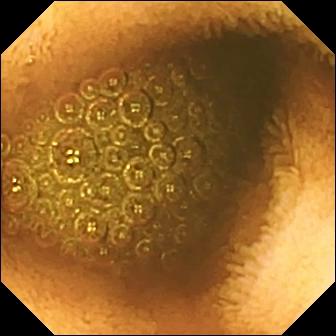{"modality": "VCE", "segment": "small intestine", "finding": "reduced mucosal view (content or bubbles obscuring the mucosa)"}